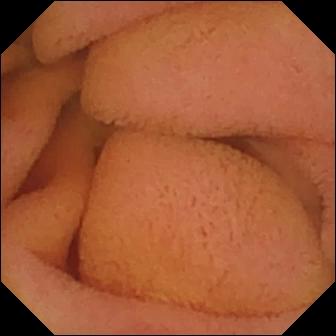modality: capsule endoscopy | segment: small intestine | category: luminal finding | label: normal clean mucosa